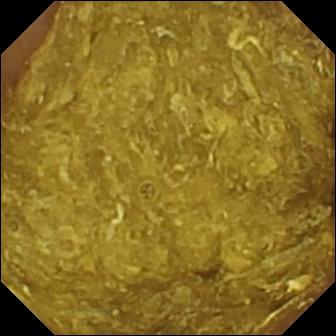This video capsule endoscopy still of the small bowel shows reduced mucosal view (content or bubbles obscuring the mucosa).